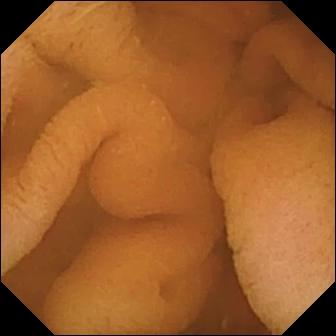This wireless capsule endoscopy snapshot shows normal clean mucosa.